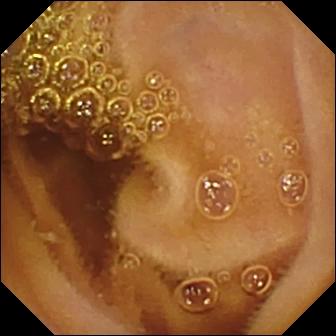PROCEDURE: WCE.
FINDINGS: Normal clean mucosa.